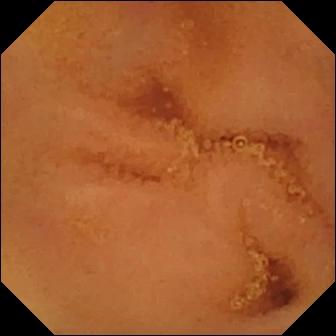This VCE frame of the small intestine shows normal clean mucosa.